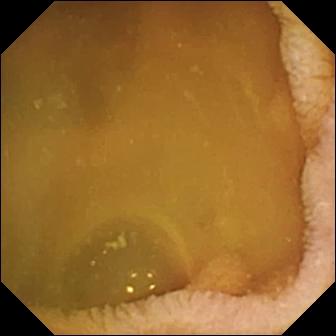Wireless capsule endoscopy. Small bowel. Label: normal clean mucosa.